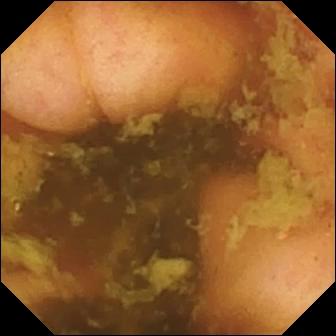PROCEDURE: VCE.
VIDEO SEGMENT: Ileo-cecal valve region (the transition from the small bowel to the large bowel).